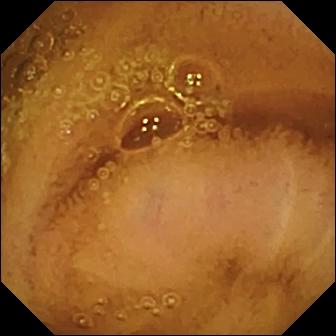Video capsule endoscopy frame showing normal clean mucosa.